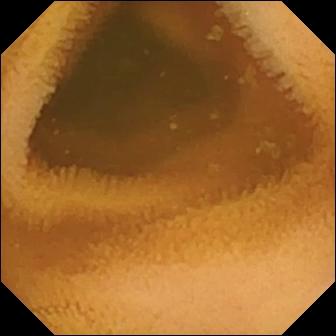Normal clean mucosa.